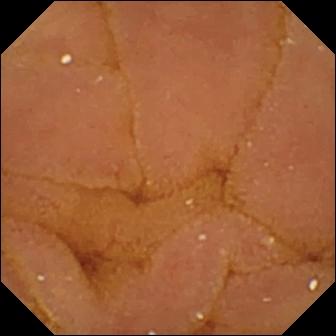Small-bowel capsule endoscopy frame showing normal clean mucosa.